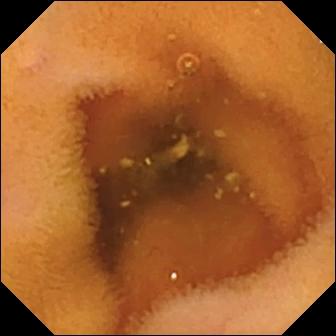- modality: wireless capsule endoscopy
- segment: small bowel
- category: luminal finding
- label: normal clean mucosa